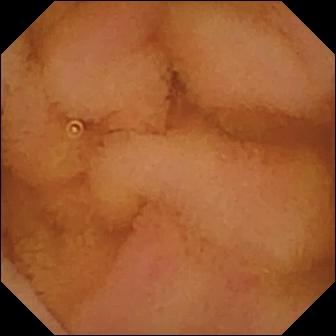Normal clean mucosa — capsule endoscopy frame of the small intestine.